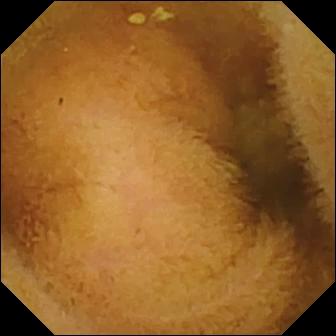VCE snapshot of the small bowel showing normal clean mucosa.